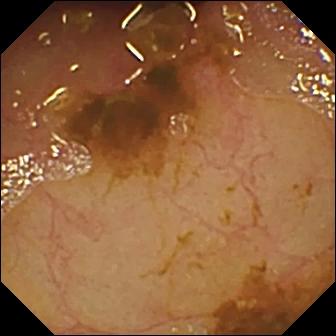WCE snapshot
Label: ileo-cecal valve region (where the capsule passes from the small bowel into the large bowel)